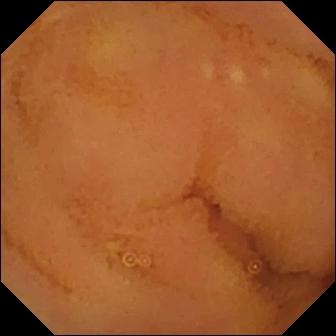VCE — normal clean mucosa.